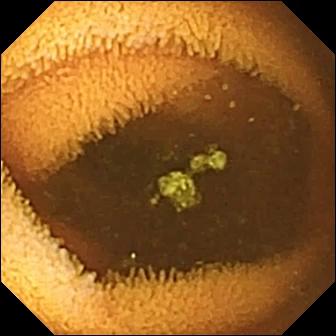{"modality": "capsule endoscopy", "category": "luminal finding", "finding": "normal clean mucosa"}